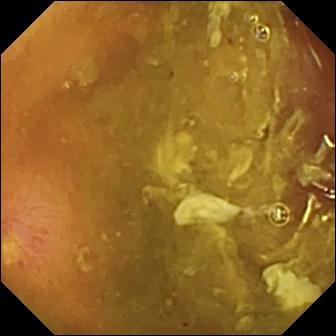Ulcer.